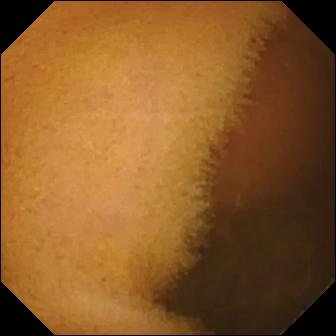- modality: VCE
- category: luminal finding
- impression: normal clean mucosa